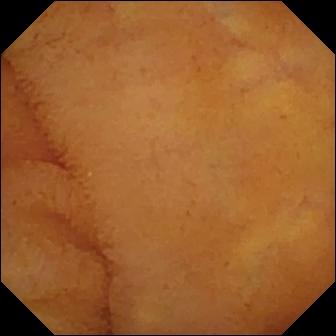Capsule endoscopy frame
Label: normal clean mucosa